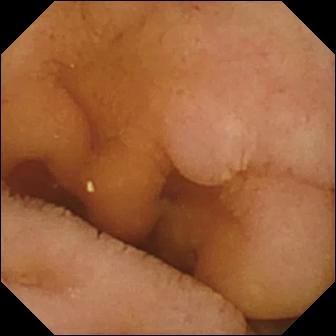Small-bowel capsule endoscopy snapshot, small bowel
Observation: normal clean mucosa